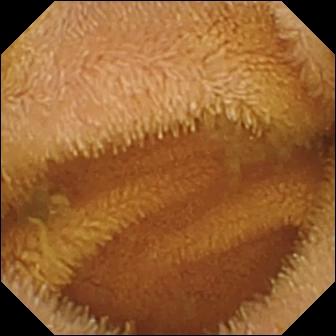Normal clean mucosa.